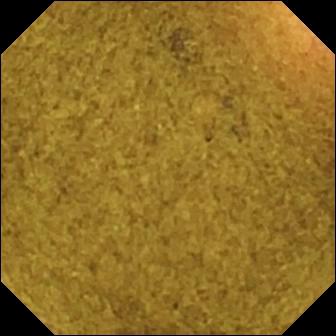This WCE snapshot was taken in the ileo-cecal valve region (where the capsule passes from the small bowel into the large bowel).